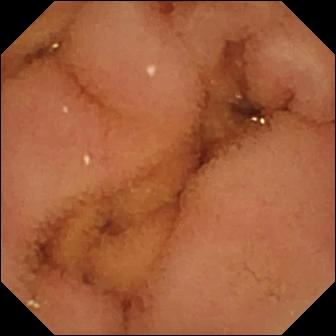Wireless capsule endoscopy snapshot
Finding: normal clean mucosa